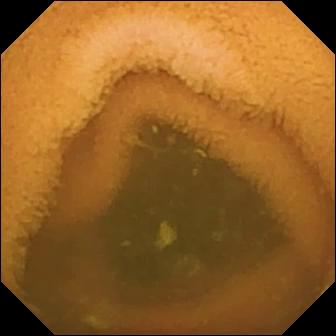Wireless capsule endoscopy view of the small bowel showing normal clean mucosa.